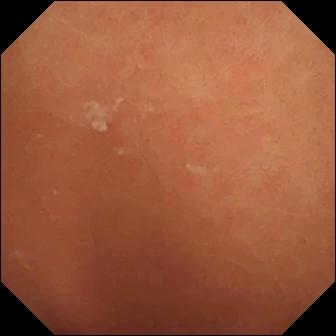Q: What does this small-bowel capsule endoscopy snapshot show?
A: Normal clean mucosa.